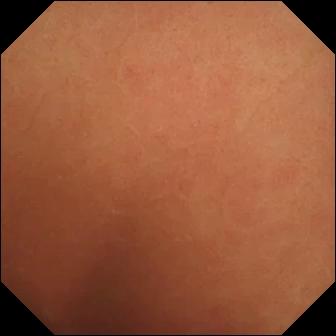Normal clean mucosa — WCE still.